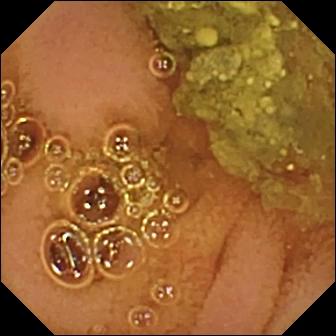{"modality": "wireless capsule endoscopy", "finding": "normal clean mucosa"}